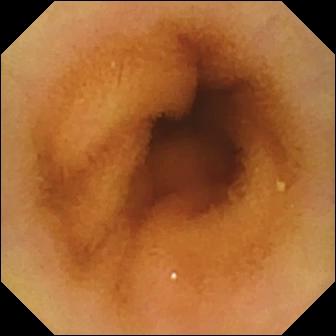WCE view
Impression: normal clean mucosa